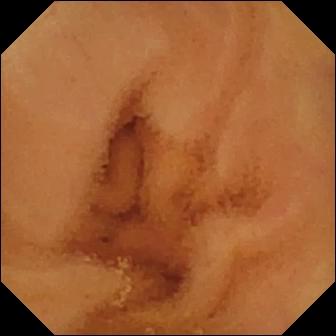Wireless capsule endoscopy — normal clean mucosa.